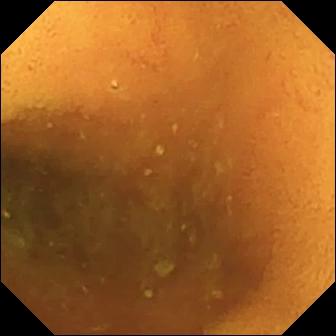Normal clean mucosa — small-bowel capsule endoscopy image of the small bowel.